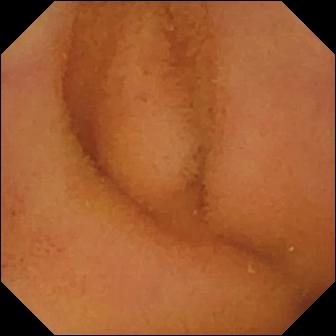Wireless capsule endoscopy — normal clean mucosa.